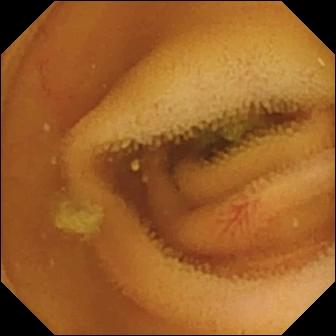Angiectasia — small-bowel capsule endoscopy still.